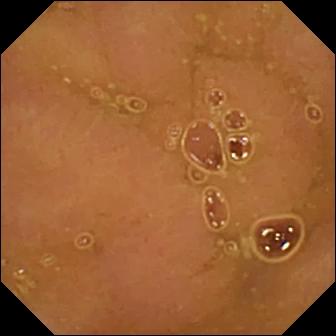WCE — normal clean mucosa.